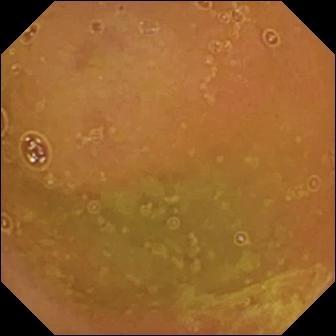WCE still. Normal clean mucosa.